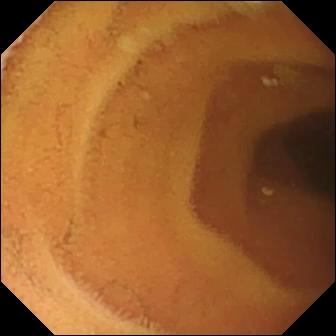- modality: capsule endoscopy
- finding: normal clean mucosa